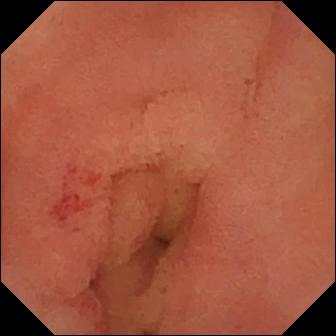Capsule endoscopy. Observation: angiectasia.